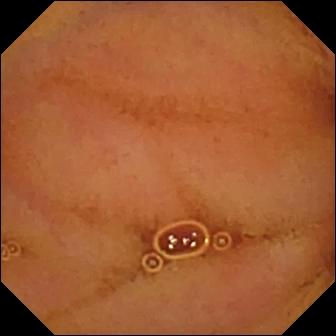- modality: VCE
- segment: small intestine
- finding: normal clean mucosa